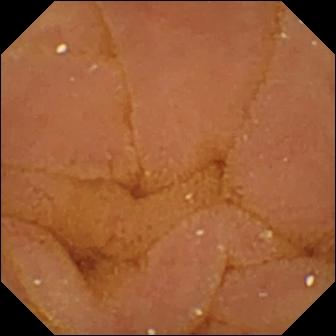Q: What does this VCE view of the small bowel show?
A: Normal clean mucosa.